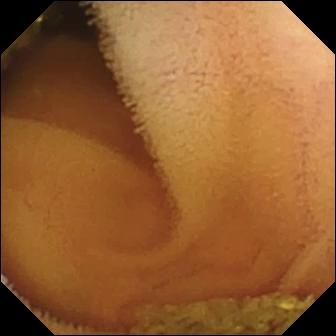WCE snapshot, small intestine
Impression: normal clean mucosa